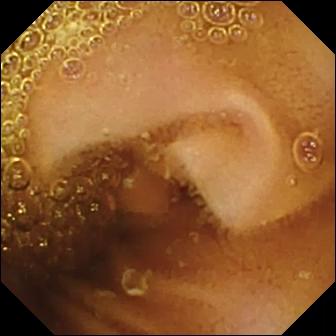Small-bowel capsule endoscopy snapshot of the small bowel showing normal clean mucosa.